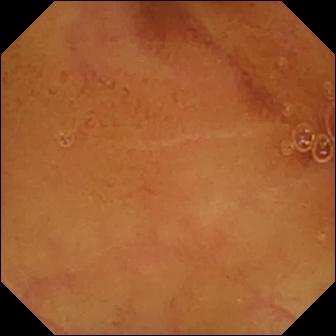Normal clean mucosa.